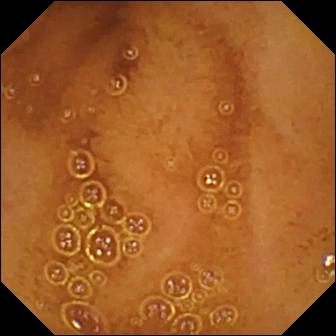This WCE still shows normal clean mucosa.